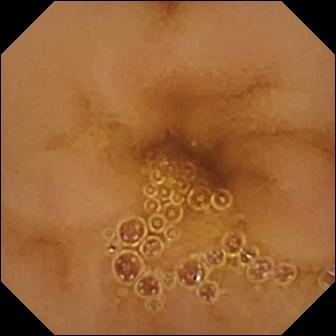VCE snapshot showing normal clean mucosa.